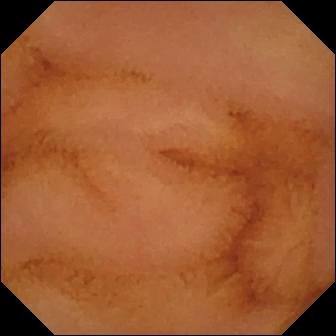{"modality": "video capsule endoscopy", "finding": "normal clean mucosa"}